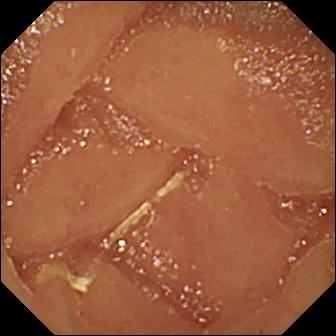This video capsule endoscopy view of the small intestine shows normal clean mucosa.